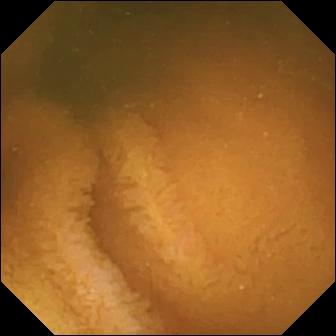Normal clean mucosa — capsule endoscopy still of the small bowel.